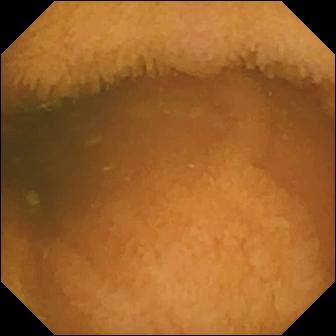Small-bowel capsule endoscopy — normal clean mucosa.